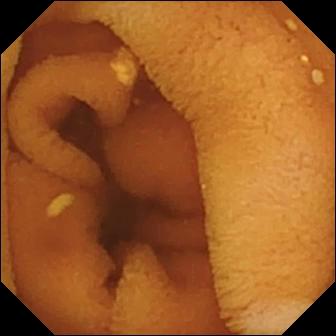Video capsule endoscopy frame
Observation: normal clean mucosa